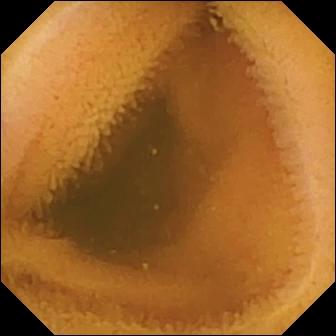- modality: VCE
- segment: small bowel
- finding: normal clean mucosa